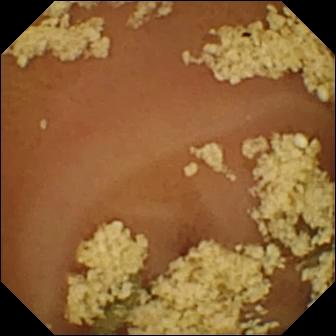{"modality": "VCE", "segment": "small bowel", "finding": "normal clean mucosa"}